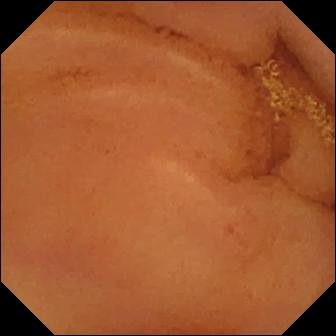Q: What does this wireless capsule endoscopy snapshot show?
A: Normal clean mucosa.